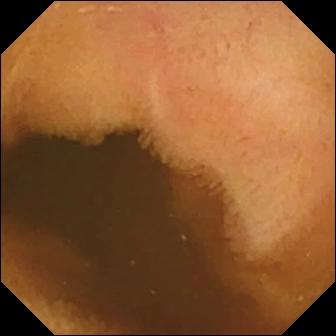Q: What does this video capsule endoscopy view show?
A: Normal clean mucosa.